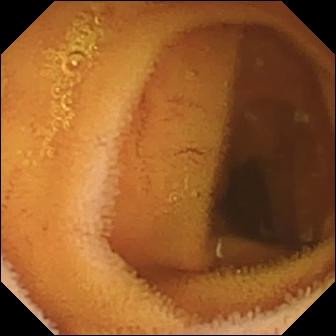modality: VCE; segment: small intestine; category: luminal finding; finding: normal clean mucosa